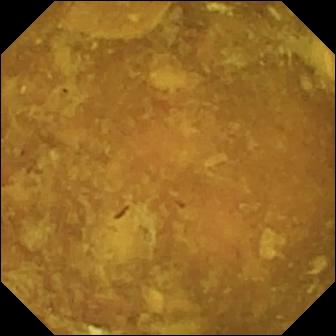This capsule endoscopy image of the small intestine shows reduced mucosal view (content or bubbles obscuring the mucosa).